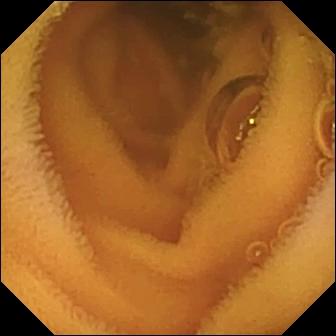- modality: wireless capsule endoscopy
- segment: small intestine
- finding: normal clean mucosa